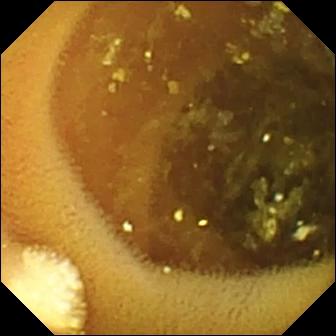PROCEDURE: Small-bowel capsule endoscopy.
FINDINGS: Lymphangiectasia.